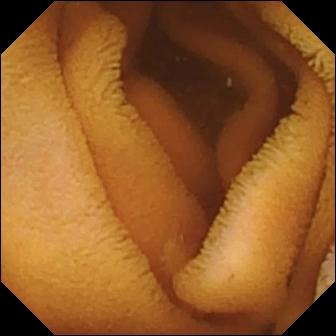Q: What does this capsule endoscopy frame of the small intestine show?
A: Normal clean mucosa.